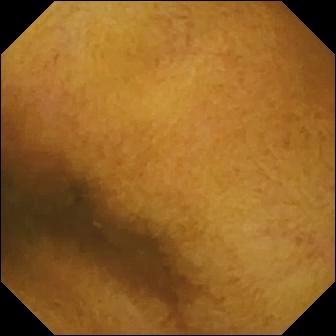Normal clean mucosa — wireless capsule endoscopy snapshot.